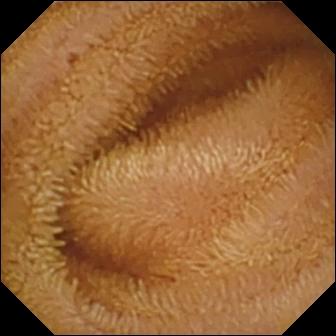Small-bowel capsule endoscopy — normal clean mucosa.